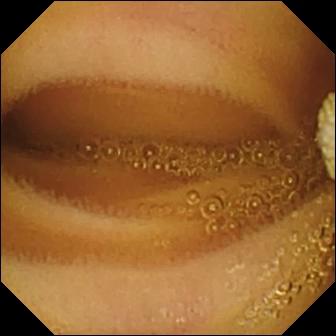Q: What does this WCE snapshot show?
A: Lymphangiectasia.